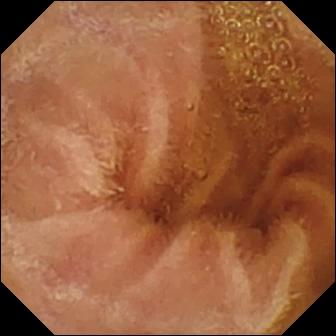PROCEDURE: VCE.
SEGMENT: Small intestine.
FINDINGS: Normal clean mucosa.